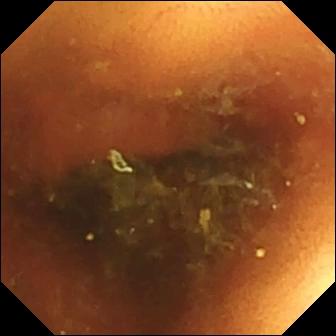WCE. Label: normal clean mucosa.